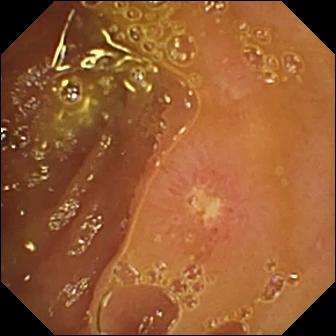Q: What does this wireless capsule endoscopy view show?
A: Ulcer.